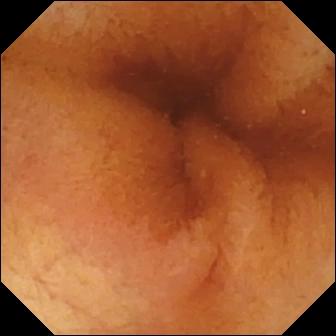Small-bowel capsule endoscopy view, small intestine
Label: normal clean mucosa